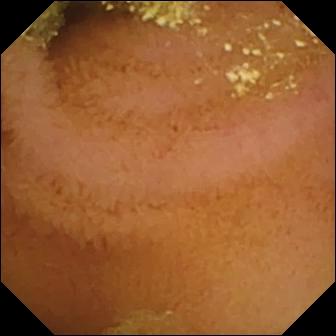Capsule endoscopy view showing normal clean mucosa.